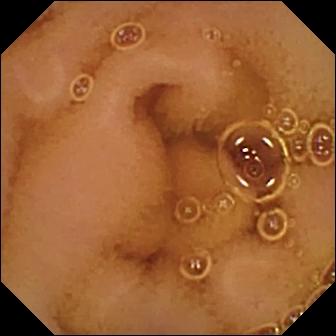Wireless capsule endoscopy still. Normal clean mucosa.